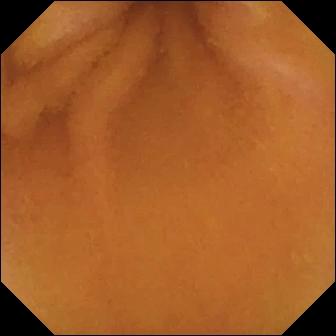VCE image, small bowel
Finding: normal clean mucosa